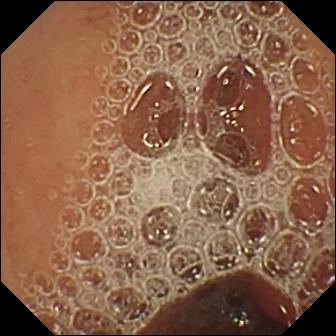- modality: VCE
- observation: normal clean mucosa